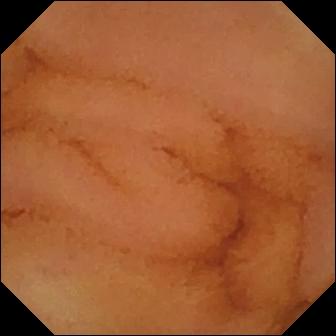PROCEDURE: Small-bowel capsule endoscopy.
SEGMENT: Small intestine.
FINDINGS: Normal clean mucosa.